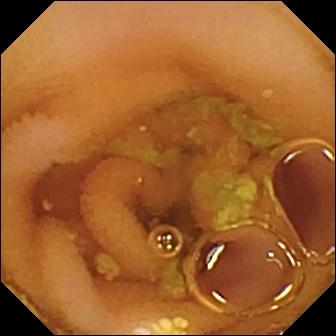modality: WCE
impression: lymphangiectasia